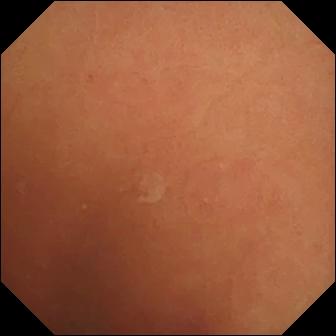{"modality": "small-bowel capsule endoscopy", "finding": "normal clean mucosa"}